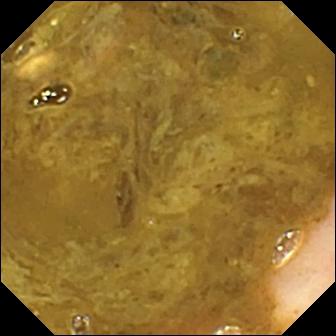modality: video capsule endoscopy
video segment: ileo-cecal valve region (the transition from the small bowel to the large bowel)